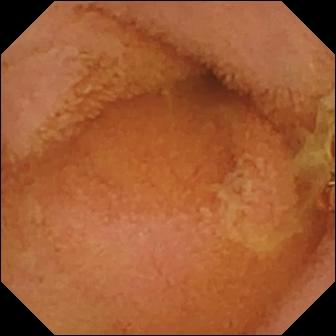Small-bowel capsule endoscopy image of the small bowel showing normal clean mucosa.